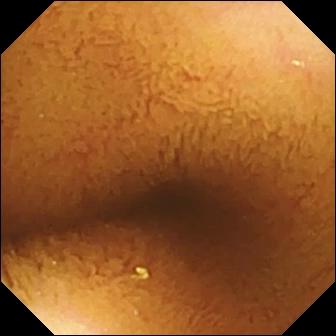{"modality": "VCE", "finding": "normal clean mucosa"}